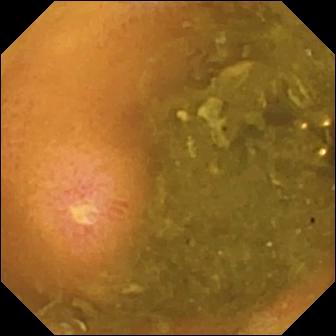Ulcer — video capsule endoscopy view.